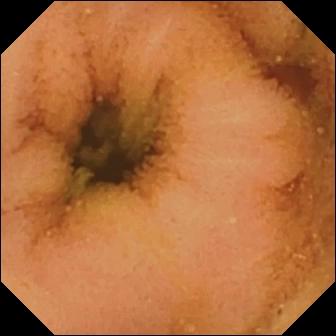This small-bowel capsule endoscopy snapshot of the small intestine shows normal clean mucosa.